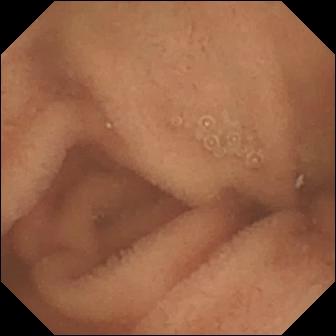{"modality": "WCE", "segment": "small intestine", "finding": "normal clean mucosa"}